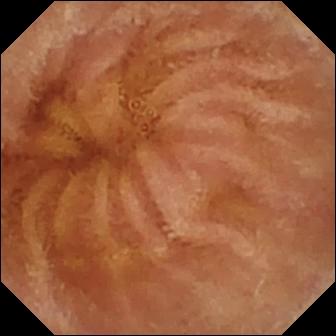Wireless capsule endoscopy image, small bowel
Impression: normal clean mucosa